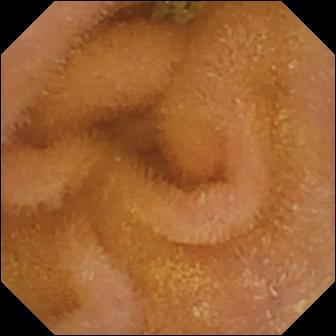{"modality": "wireless capsule endoscopy", "category": "luminal finding", "finding": "normal clean mucosa"}